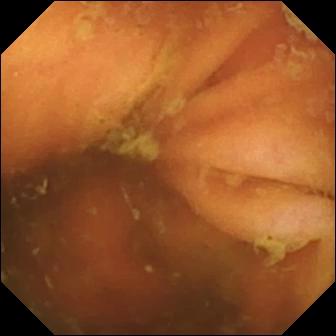Ileo-cecal valve region (where the capsule passes from the small bowel into the large bowel) — small-bowel capsule endoscopy frame.